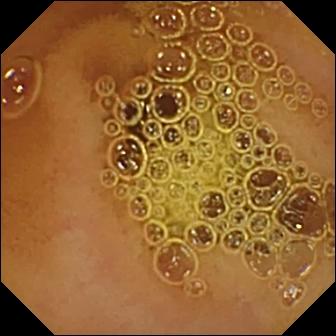{"modality": "wireless capsule endoscopy", "finding": "normal clean mucosa"}